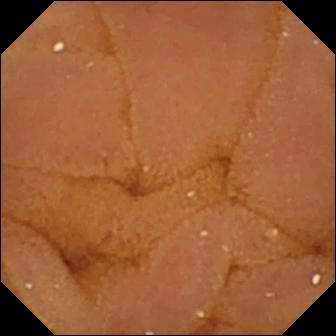Normal clean mucosa — video capsule endoscopy snapshot.